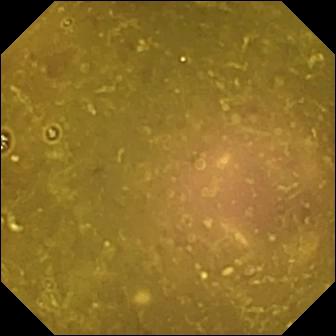Reduced mucosal view (content or bubbles obscuring the mucosa) — WCE frame of the small intestine.